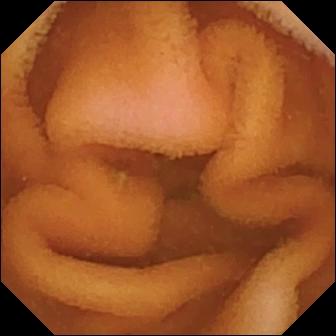PROCEDURE: Video capsule endoscopy.
SEGMENT: Small bowel.
FINDINGS: Normal clean mucosa.